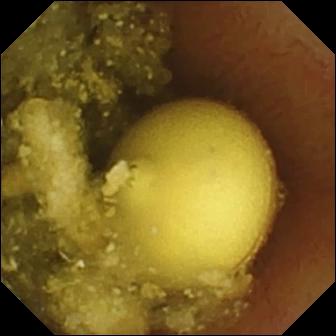Q: What does this video capsule endoscopy frame show?
A: Foreign body (e.g. retained capsule, tablet residue).